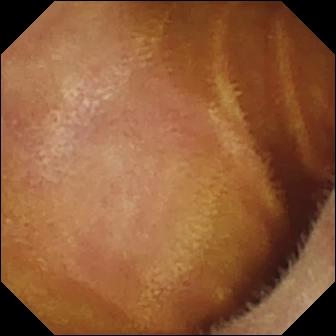Normal clean mucosa — small-bowel capsule endoscopy view.